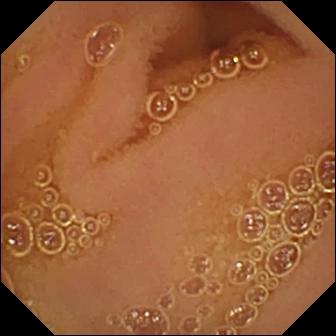- modality: WCE
- segment: small intestine
- category: luminal finding
- observation: normal clean mucosa